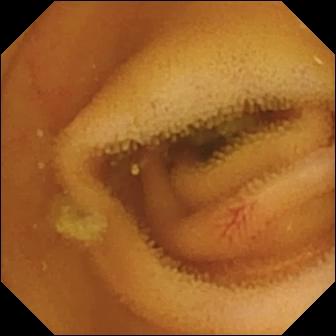Angiectasia — capsule endoscopy snapshot.